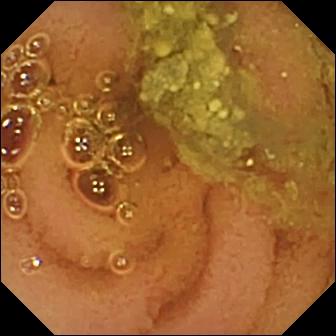Small-bowel capsule endoscopy frame
Observation: normal clean mucosa